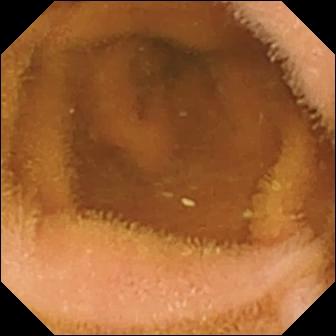Video capsule endoscopy — normal clean mucosa.